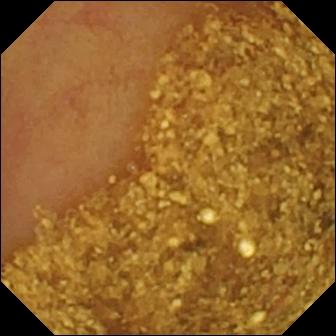VCE — ileo-cecal valve region (the transition from the small bowel to the large bowel).